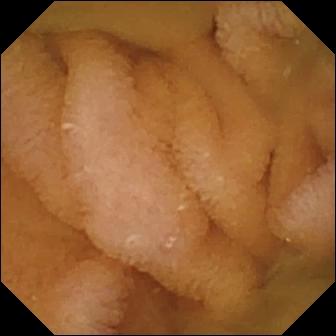Capsule endoscopy frame
Label: normal clean mucosa